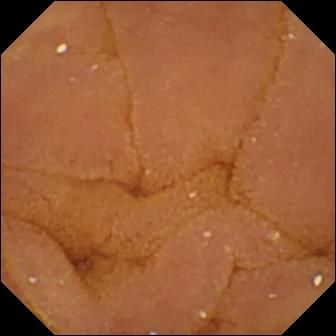Small-bowel capsule endoscopy. Impression: normal clean mucosa.